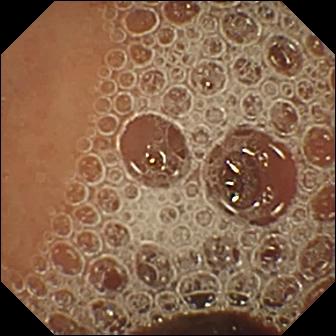PROCEDURE: WCE.
FINDINGS: Normal clean mucosa.